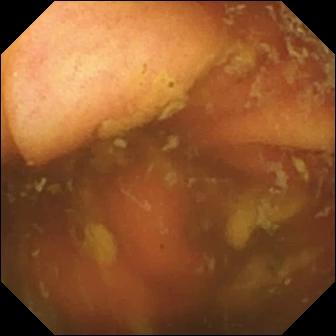WCE. Near an anatomical landmark. Label: ileo-cecal valve region.